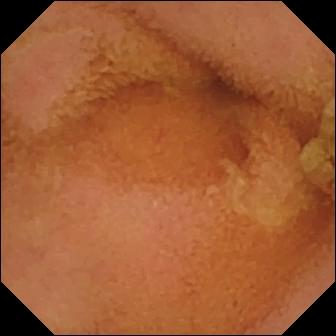Capsule endoscopy. Small intestine. Observation: normal clean mucosa.